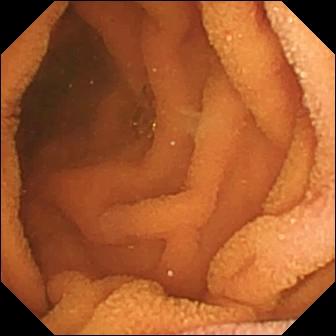- modality: wireless capsule endoscopy
- observation: normal clean mucosa